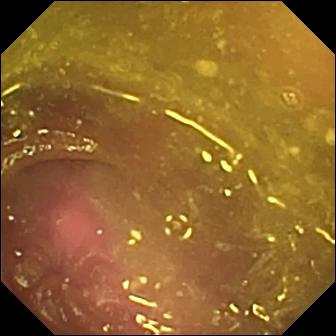Wireless capsule endoscopy — reduced mucosal view (content or bubbles obscuring the mucosa).